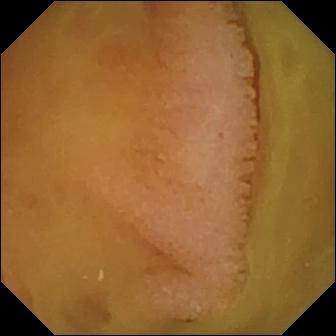Normal clean mucosa — capsule endoscopy view.